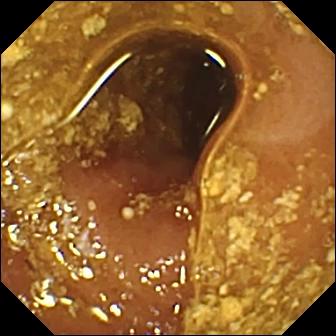Reduced mucosal view (content or bubbles obscuring the mucosa).